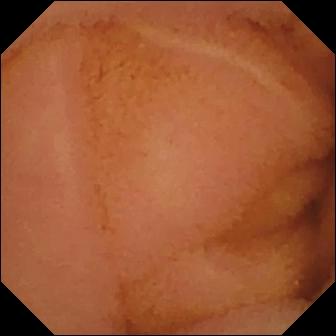WCE still, small bowel
Impression: normal clean mucosa